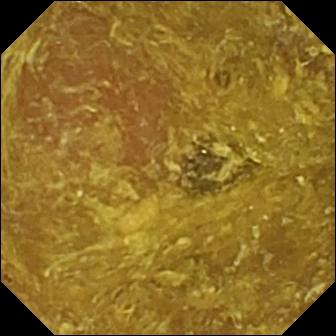This WCE snapshot of the small intestine shows reduced mucosal view (content or bubbles obscuring the mucosa).